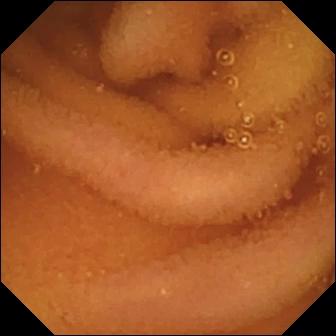Wireless capsule endoscopy snapshot (small intestine). Normal clean mucosa.